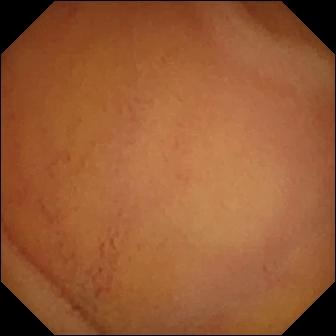Normal clean mucosa.